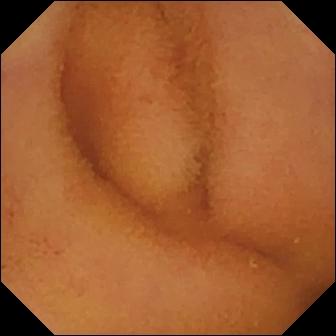- modality: WCE
- segment: small bowel
- category: luminal finding
- label: normal clean mucosa